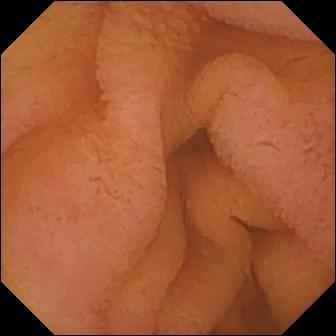- modality: capsule endoscopy
- segment: small intestine
- impression: normal clean mucosa